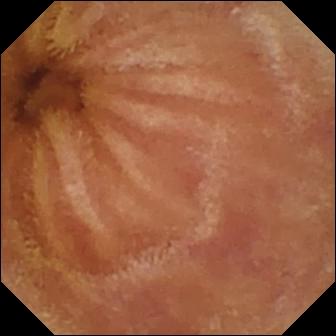{"modality": "wireless capsule endoscopy", "category": "luminal finding", "finding": "normal clean mucosa"}